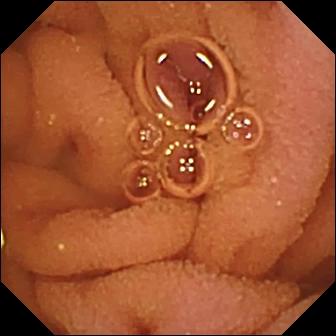Normal clean mucosa — wireless capsule endoscopy view.